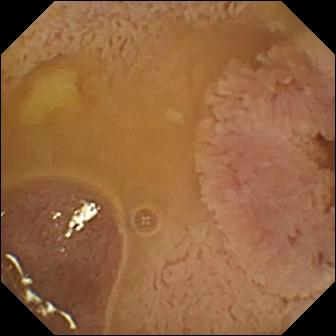{"modality": "VCE", "video_segment": "ileo-cecal valve region (where the capsule passes from the small bowel into the large bowel)"}